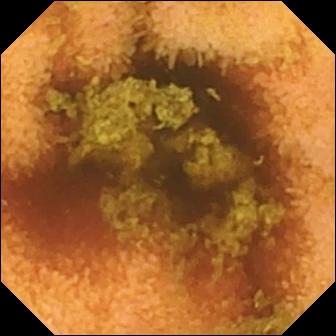VCE frame of the small bowel showing normal clean mucosa.